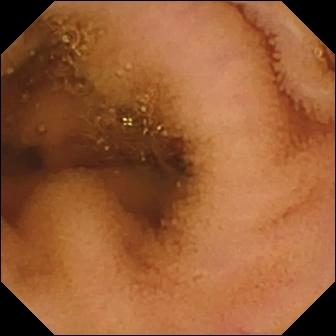{"modality": "video capsule endoscopy", "segment": "small bowel", "finding": "normal clean mucosa"}